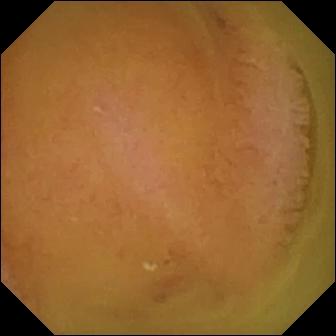Video capsule endoscopy image of the small bowel showing normal clean mucosa.